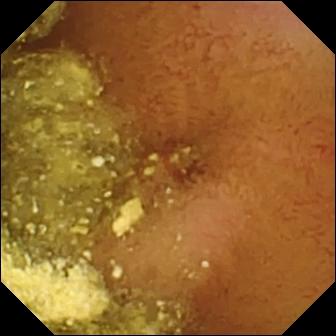WCE image. Foreign body (e.g. retained capsule, tablet residue).